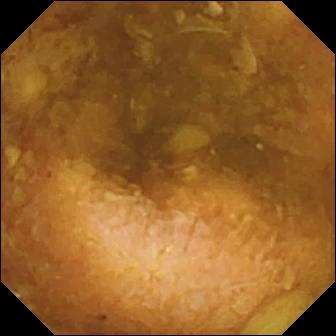Video capsule endoscopy. Label: reduced mucosal view (content or bubbles obscuring the mucosa).